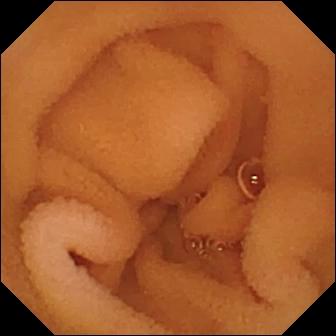Normal clean mucosa.